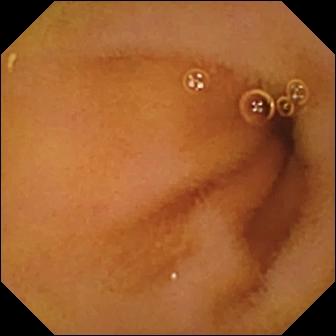Normal clean mucosa — WCE view of the small bowel.